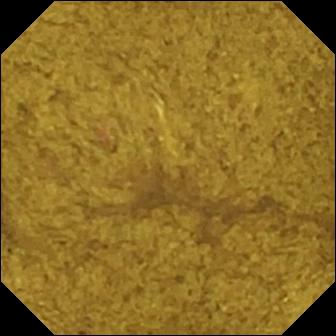VCE — ileo-cecal valve region.